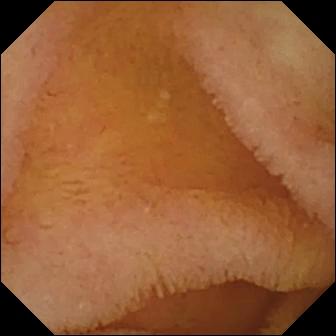This video capsule endoscopy view of the small intestine shows normal clean mucosa.